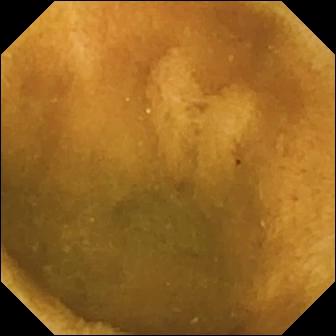Wireless capsule endoscopy image, small bowel
Finding: normal clean mucosa